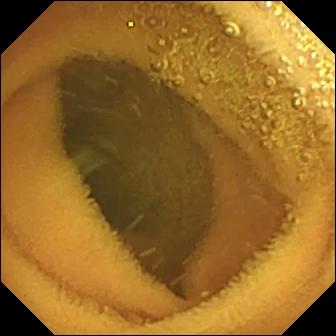Q: What does this VCE snapshot show?
A: Normal clean mucosa.